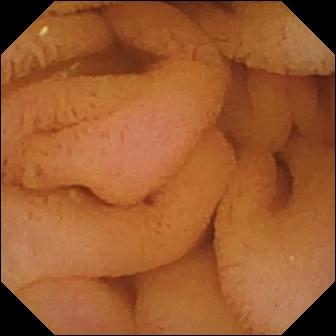Small-bowel capsule endoscopy. Finding: normal clean mucosa.